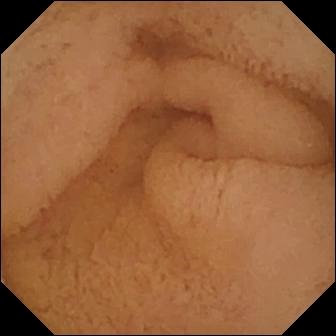- modality: wireless capsule endoscopy
- location: pylorus region